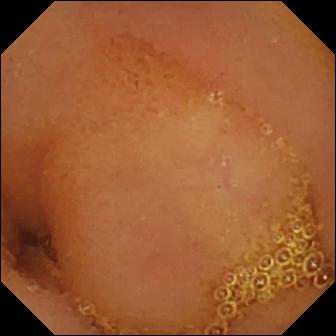modality: capsule endoscopy
segment: small bowel
observation: normal clean mucosa